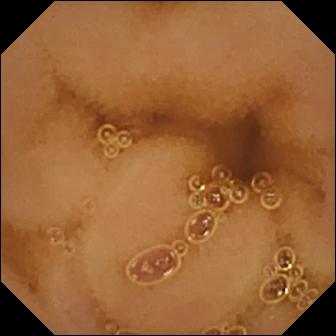This WCE still shows normal clean mucosa.